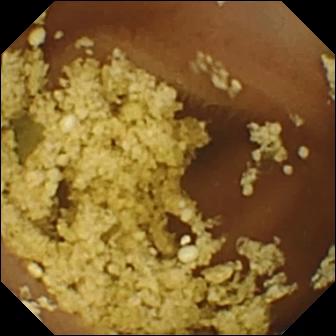modality: WCE
segment: small intestine
impression: normal clean mucosa